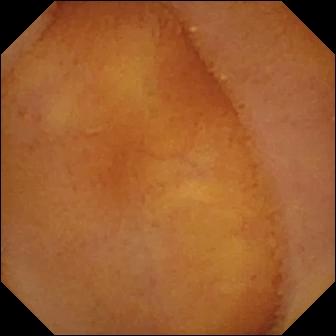{"modality": "VCE", "segment": "small intestine", "finding": "normal clean mucosa"}